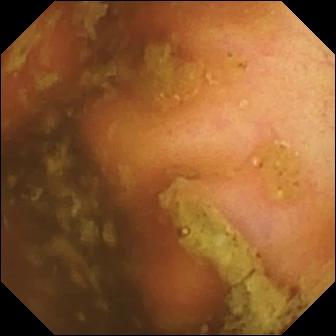Wireless capsule endoscopy — ileo-cecal valve region (the transition from the small bowel to the large bowel).